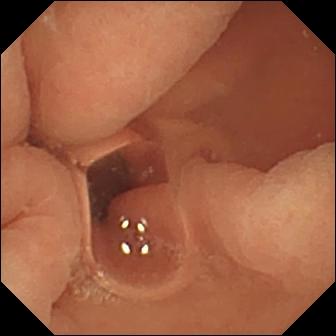Video capsule endoscopy frame
Impression: normal clean mucosa